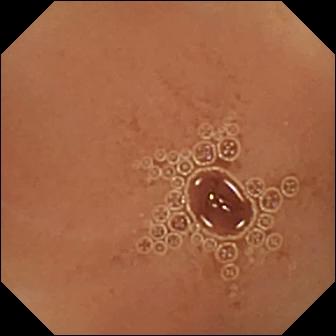Normal clean mucosa — wireless capsule endoscopy snapshot of the small bowel.